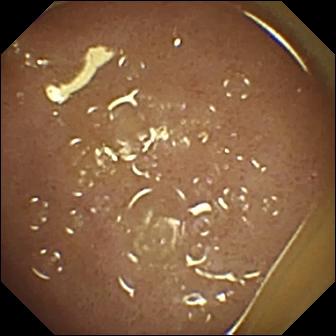Video capsule endoscopy — ileo-cecal valve region (where the capsule passes from the small bowel into the large bowel).